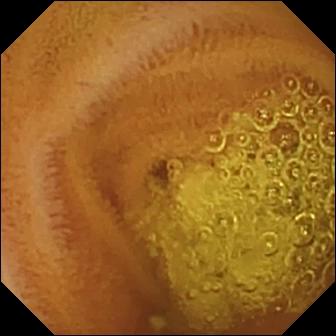Capsule endoscopy. Small bowel. Label: normal clean mucosa.